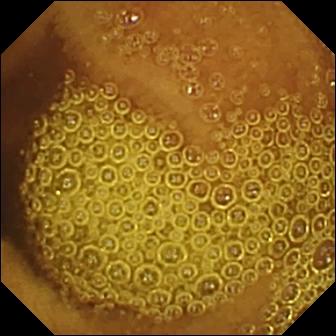Wireless capsule endoscopy view. Normal clean mucosa.